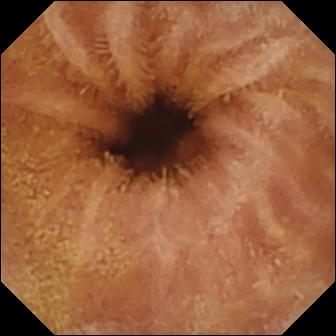Normal clean mucosa.